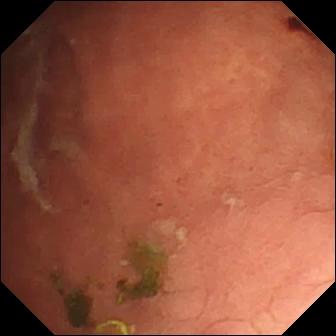PROCEDURE: VCE.
FINDINGS: Angiectasia.